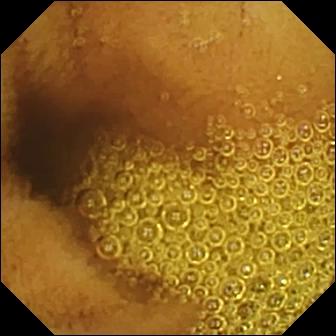PROCEDURE: VCE.
FINDINGS: Normal clean mucosa.